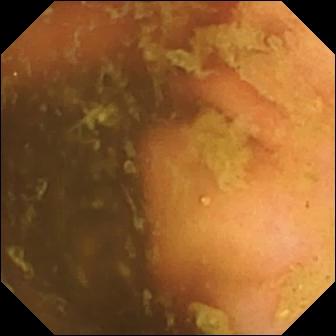This small-bowel capsule endoscopy view was taken in the ileo-cecal valve region (where the capsule passes from the small bowel into the large bowel).